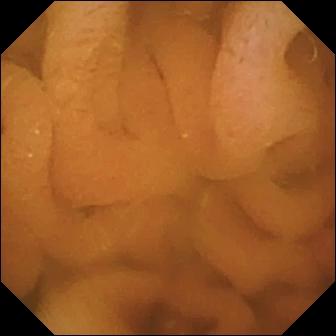WCE — normal clean mucosa.